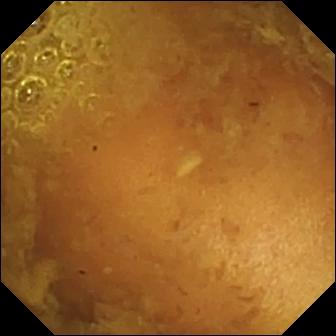Reduced mucosal view (content or bubbles obscuring the mucosa) — WCE image of the small bowel.